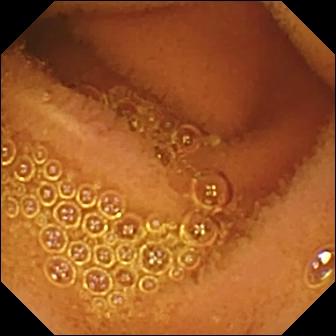PROCEDURE: Video capsule endoscopy.
FINDINGS: Normal clean mucosa.